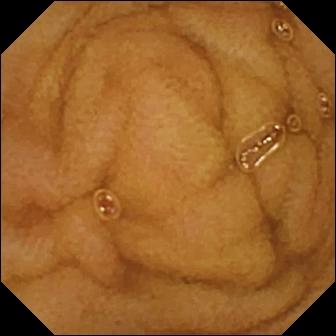Normal clean mucosa.